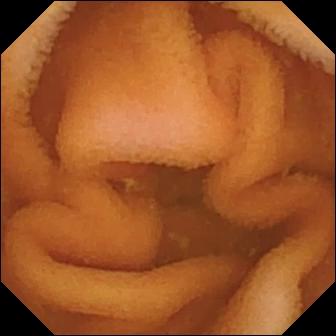Normal clean mucosa — VCE frame.